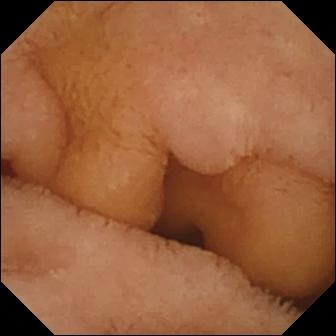VCE frame showing normal clean mucosa.